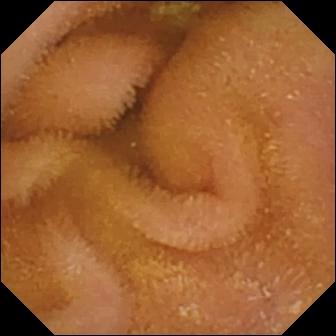This wireless capsule endoscopy snapshot of the small intestine shows normal clean mucosa.